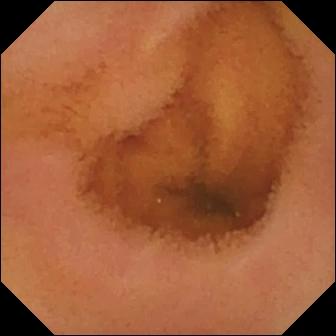PROCEDURE: Video capsule endoscopy.
SEGMENT: Small intestine.
FINDINGS: Normal clean mucosa.